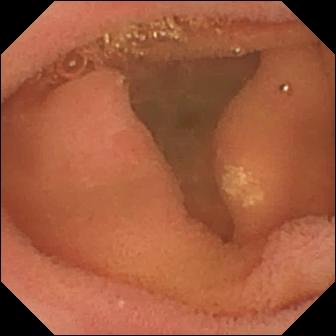Small-bowel capsule endoscopy. Impression: lymphangiectasia.